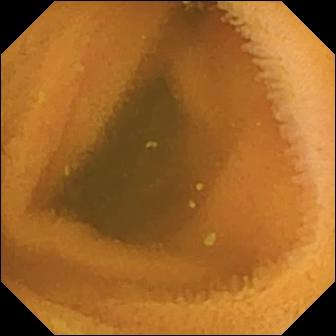Wireless capsule endoscopy. Luminal finding. Finding: normal clean mucosa.